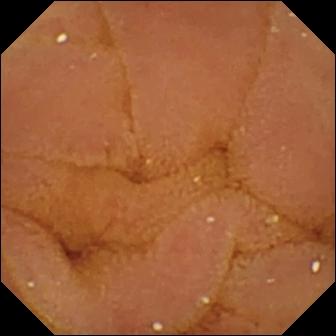Normal clean mucosa — capsule endoscopy snapshot of the small bowel.